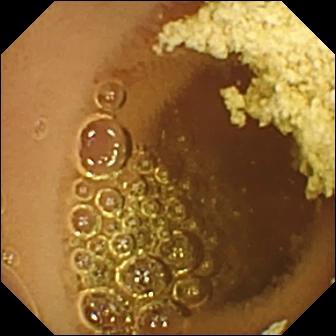PROCEDURE: VCE.
FINDINGS: Normal clean mucosa.